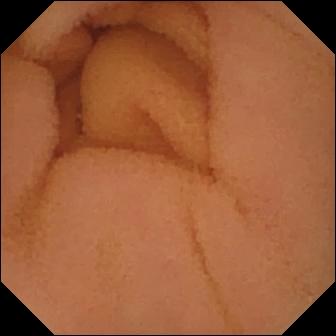Small-bowel capsule endoscopy. Small intestine. Label: normal clean mucosa.